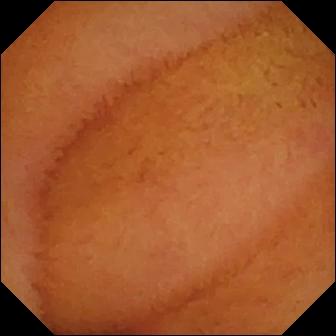- modality: VCE
- segment: small bowel
- category: luminal finding
- impression: normal clean mucosa